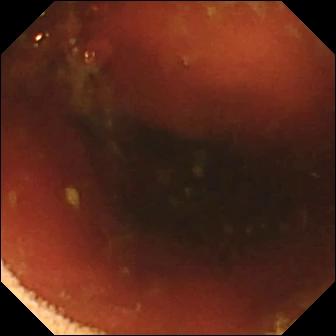modality: WCE
category: anatomical landmark
video segment: ileo-cecal valve region (the transition from the small bowel to the large bowel)